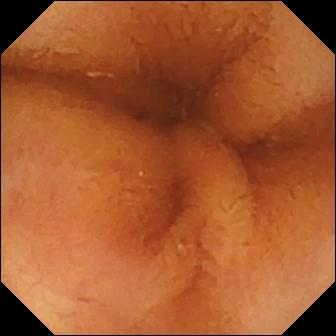PROCEDURE: WCE.
SEGMENT: Small bowel.
FINDINGS: Normal clean mucosa.